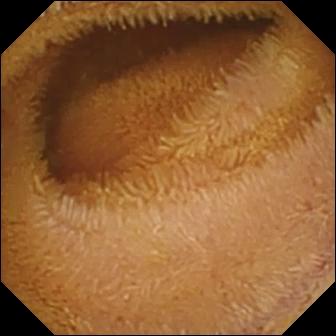This video capsule endoscopy snapshot of the small bowel shows normal clean mucosa.